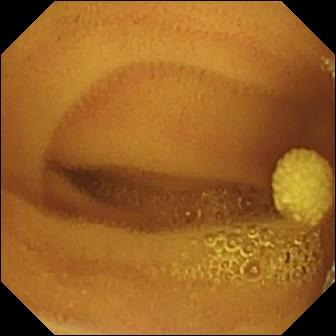Q: What does this video capsule endoscopy image show?
A: Lymphangiectasia.